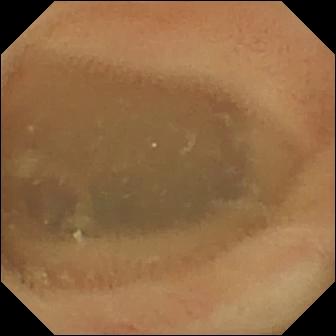- modality: video capsule endoscopy
- impression: normal clean mucosa